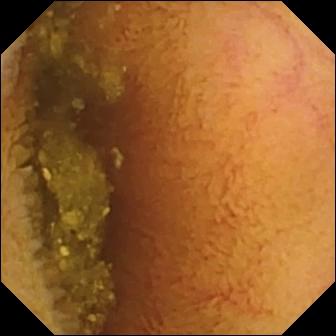VCE — normal clean mucosa.